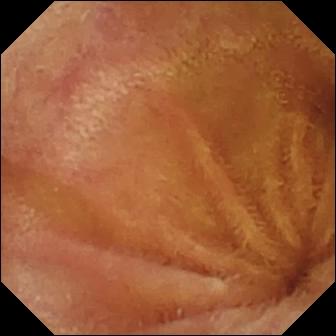Small-bowel capsule endoscopy view (small intestine). Normal clean mucosa.